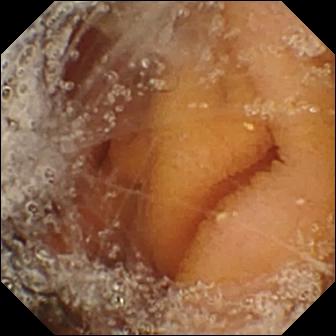Wireless capsule endoscopy. Label: pylorus region (where the capsule passes from the stomach into the small bowel).